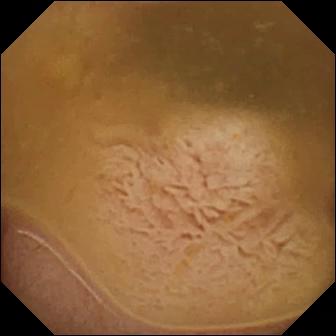Video capsule endoscopy. Position: ileo-cecal valve region (where the capsule passes from the small bowel into the large bowel).